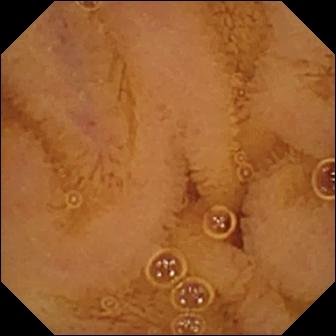Video capsule endoscopy snapshot showing normal clean mucosa.